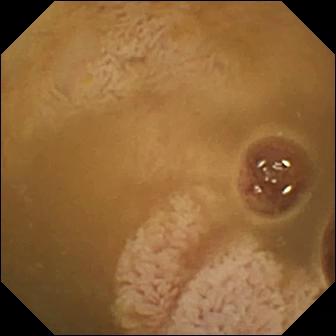WCE — ileo-cecal valve region (where the capsule passes from the small bowel into the large bowel).